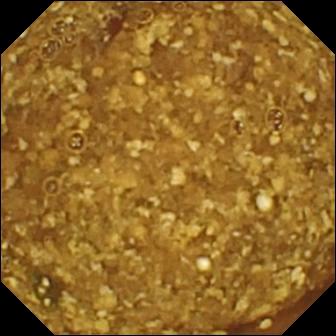Reduced mucosal view (content or bubbles obscuring the mucosa) — video capsule endoscopy view.